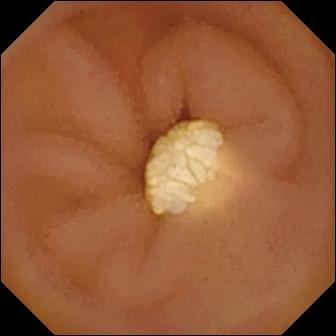Lymphangiectasia (336×336).